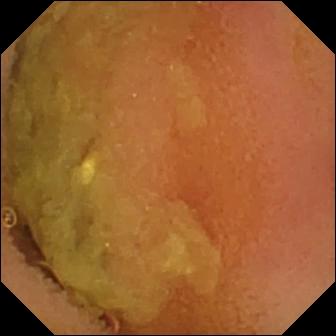This VCE still shows normal clean mucosa.